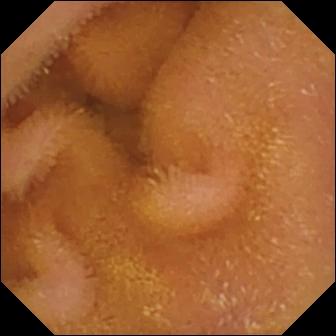modality: capsule endoscopy
observation: normal clean mucosa